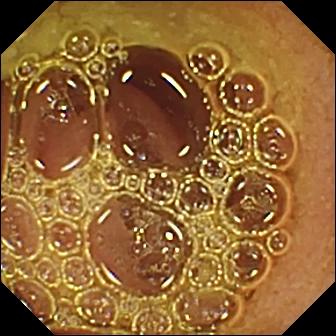VCE snapshot
Observation: normal clean mucosa